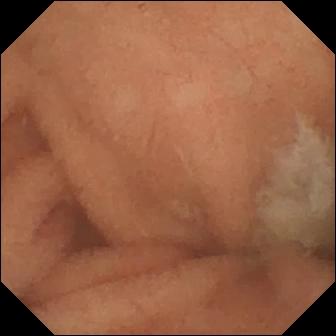Q: What does this WCE frame of the small intestine show?
A: Normal clean mucosa.